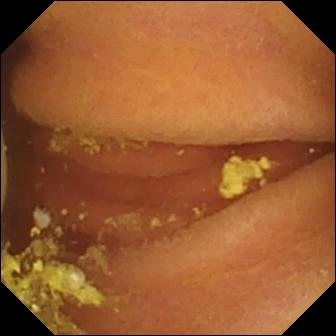This small-bowel capsule endoscopy image shows foreign body (e.g. retained capsule, tablet residue).